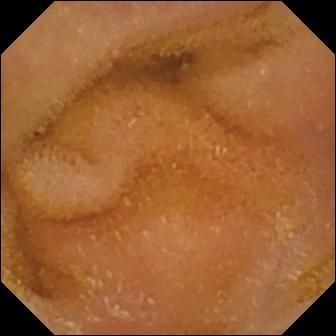Capsule endoscopy. Small intestine. Luminal finding. Label: normal clean mucosa.